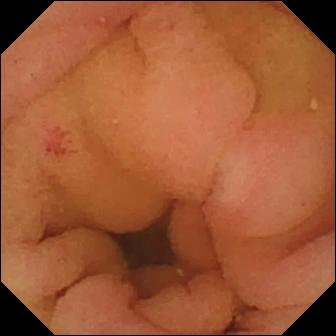Small-bowel capsule endoscopy view showing angiectasia.